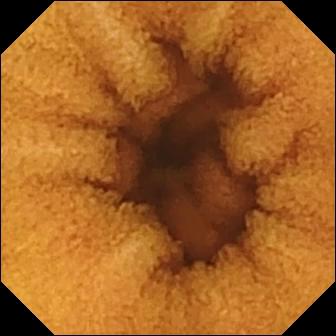Normal clean mucosa.